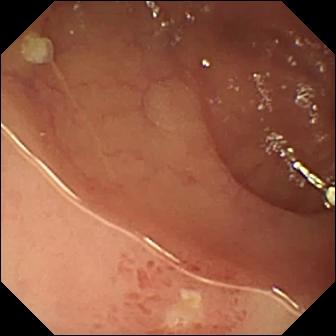VCE snapshot
Observation: ulcer